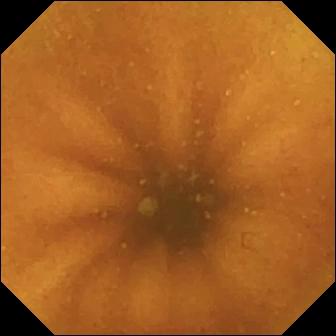Wireless capsule endoscopy. Observation: normal clean mucosa.